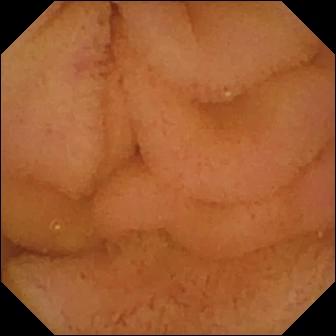Q: What does this capsule endoscopy image of the small intestine show?
A: Normal clean mucosa.